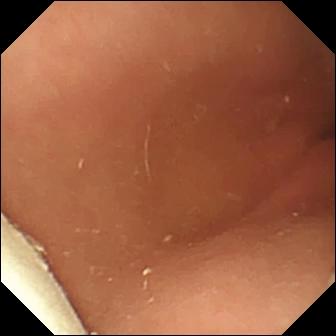Capsule endoscopy — foreign body (e.g. retained capsule, tablet residue).